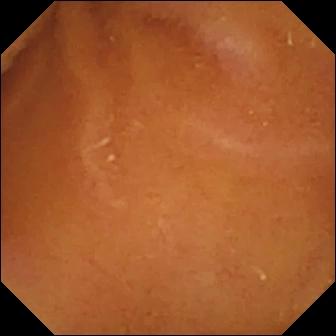Normal clean mucosa.